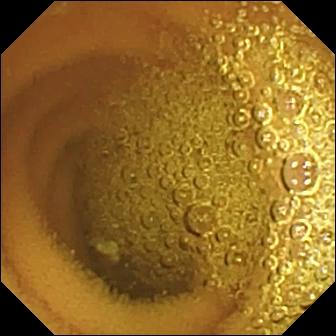Wireless capsule endoscopy image, small bowel
Finding: normal clean mucosa